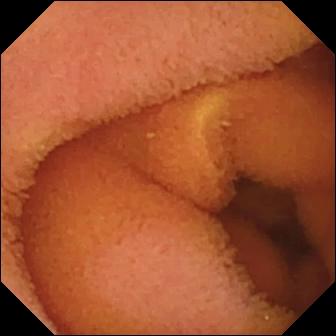{"modality": "wireless capsule endoscopy", "segment": "small intestine", "finding": "normal clean mucosa"}